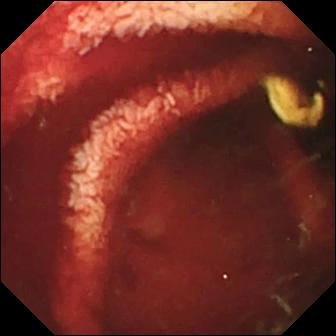Q: What does this capsule endoscopy still show?
A: Fresh blood in the lumen.